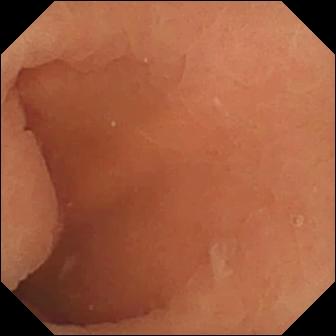Normal clean mucosa.